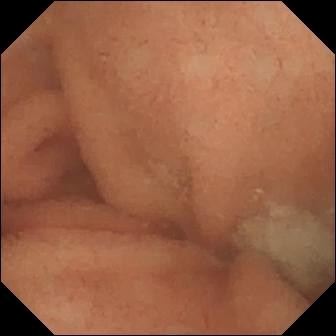Q: What does this VCE view show?
A: Normal clean mucosa.